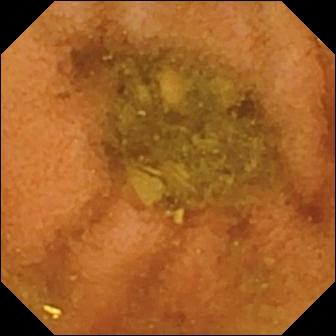WCE frame showing normal clean mucosa.